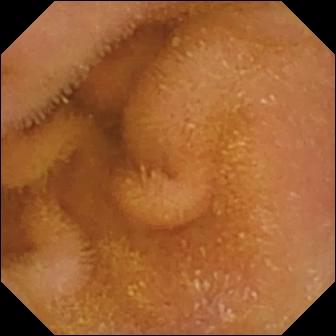Q: What does this capsule endoscopy snapshot show?
A: Normal clean mucosa.